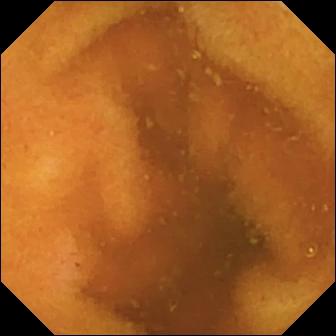Capsule endoscopy — normal clean mucosa.